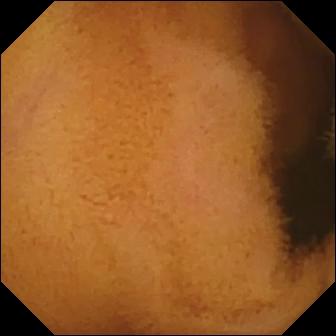Wireless capsule endoscopy frame, small intestine
Observation: normal clean mucosa